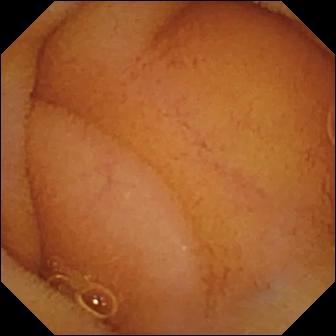- modality: wireless capsule endoscopy
- impression: normal clean mucosa